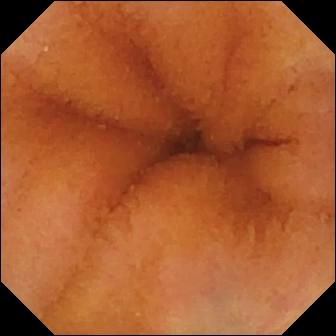Normal clean mucosa — capsule endoscopy image.